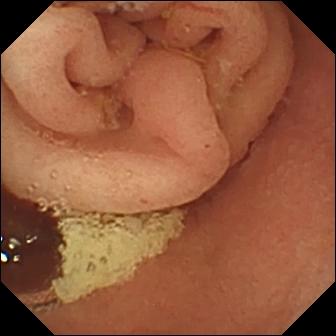Pylorus region (where the capsule passes from the stomach into the small bowel).